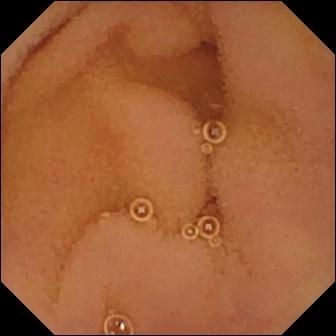This VCE frame of the small intestine shows normal clean mucosa.